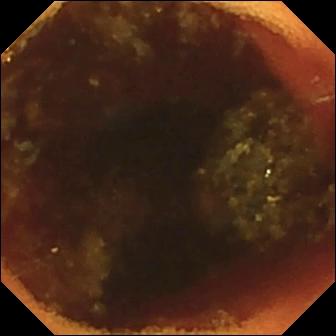Capsule endoscopy view taken in the ileo-cecal valve region (where the capsule passes from the small bowel into the large bowel).